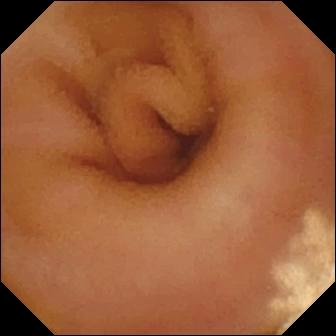Video capsule endoscopy still showing lymphangiectasia.